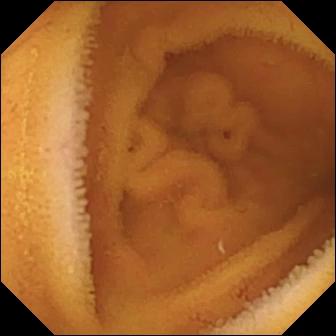Q: What does this video capsule endoscopy snapshot show?
A: Normal clean mucosa.